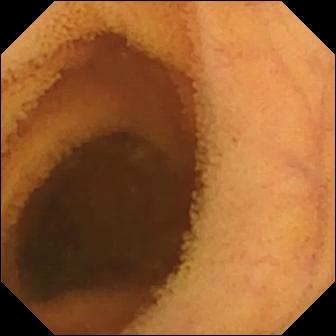Small-bowel capsule endoscopy — normal clean mucosa.